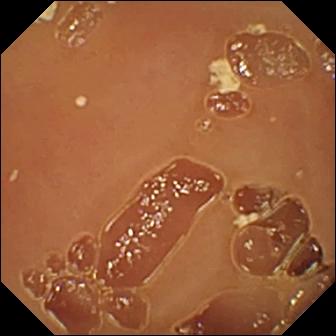Capsule endoscopy snapshot. Normal clean mucosa.